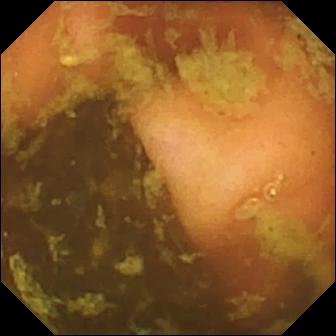{"modality": "wireless capsule endoscopy", "position": "ileo-cecal valve region (the transition from the small bowel to the large bowel)"}